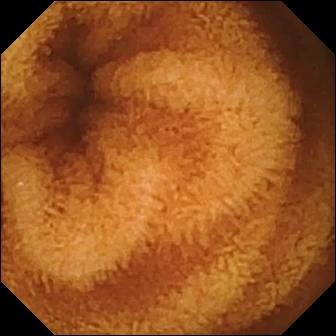PROCEDURE: Capsule endoscopy.
SEGMENT: Small bowel.
FINDINGS: Normal clean mucosa.